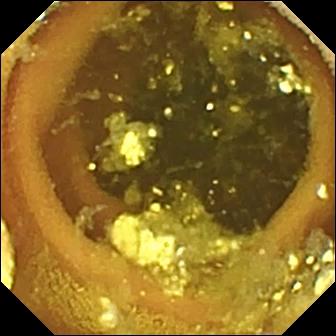PROCEDURE: Capsule endoscopy.
FINDINGS: Lymphangiectasia.